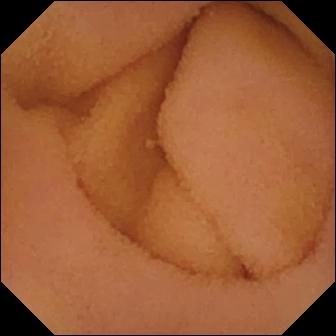Capsule endoscopy. Label: normal clean mucosa.